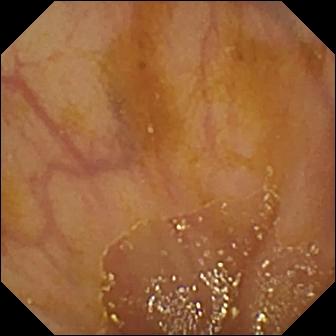WCE frame taken in the ileo-cecal valve region (the transition from the small bowel to the large bowel).